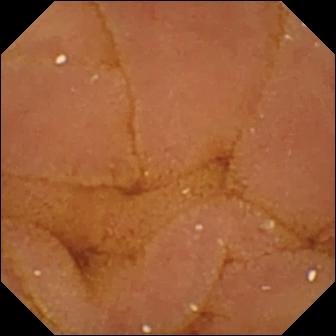Q: What does this VCE frame show?
A: Normal clean mucosa.